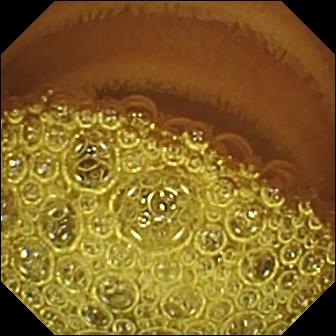PROCEDURE: Capsule endoscopy.
FINDINGS: Normal clean mucosa.